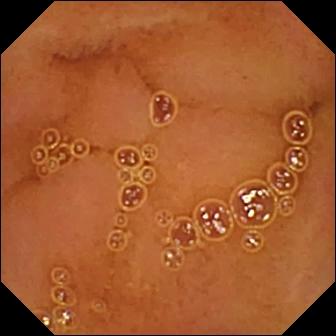- modality: VCE
- segment: small intestine
- category: luminal finding
- observation: normal clean mucosa